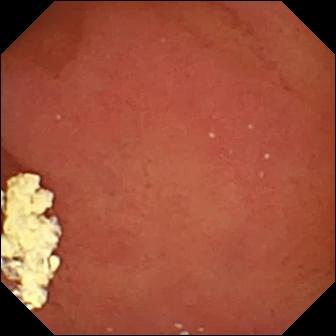Video capsule endoscopy view taken in the pylorus region (the junction between the stomach and the small bowel).